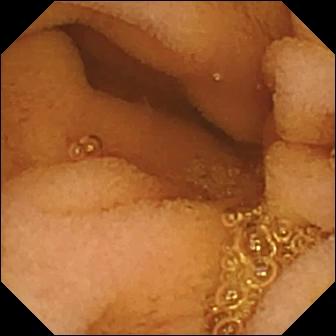Normal clean mucosa.